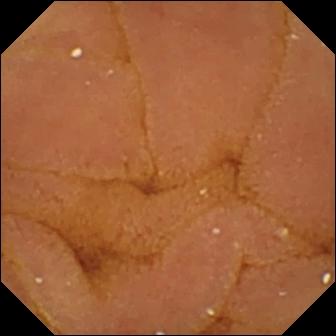PROCEDURE: Small-bowel capsule endoscopy.
FINDINGS: Normal clean mucosa.